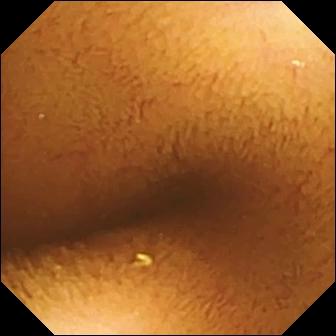PROCEDURE: Capsule endoscopy.
FINDINGS: Normal clean mucosa.